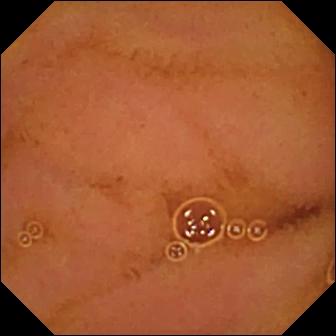WCE view, small intestine
Observation: normal clean mucosa